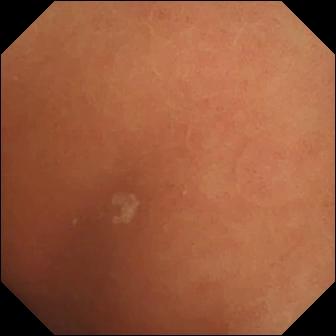Normal clean mucosa.